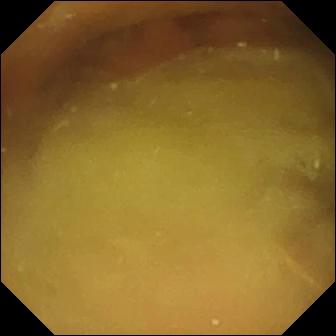WCE — normal clean mucosa.